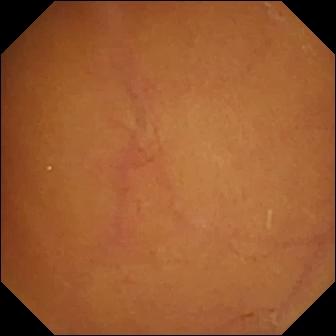- modality: video capsule endoscopy
- label: normal clean mucosa